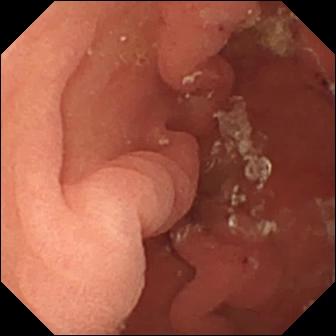VCE image showing hematin (altered blood) on the mucosal surface.